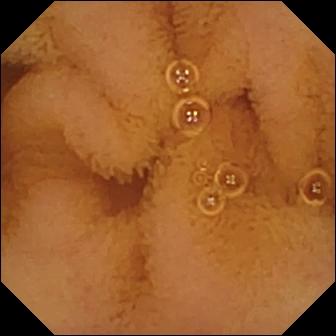{"modality": "small-bowel capsule endoscopy", "category": "luminal finding", "finding": "normal clean mucosa"}